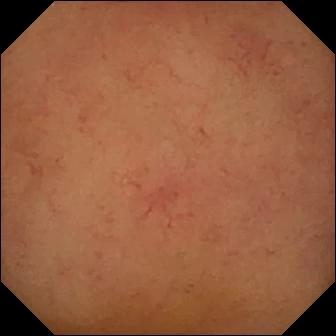Capsule endoscopy frame of the small bowel showing normal clean mucosa.